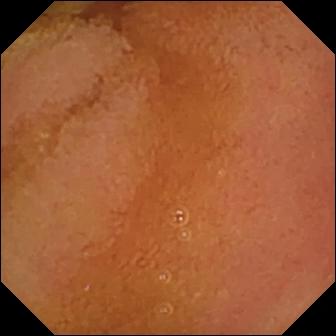This VCE frame of the small intestine shows normal clean mucosa.